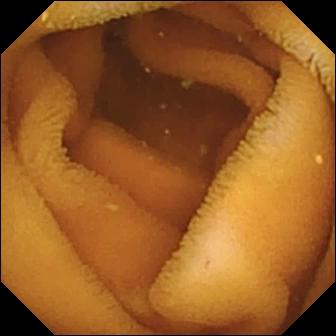Normal clean mucosa (336×336).